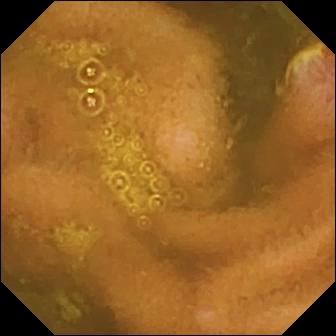Ulcer (336×336).